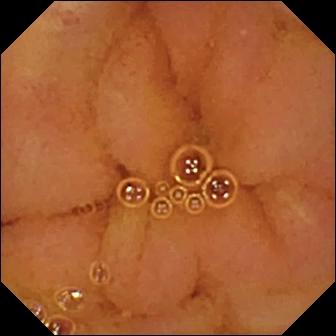Capsule endoscopy view showing normal clean mucosa.